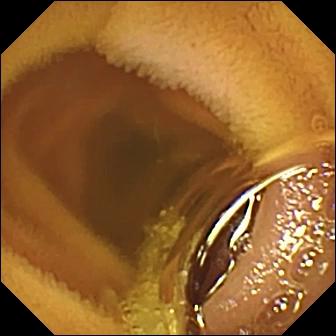{"modality": "small-bowel capsule endoscopy", "segment": "small intestine", "finding": "normal clean mucosa"}